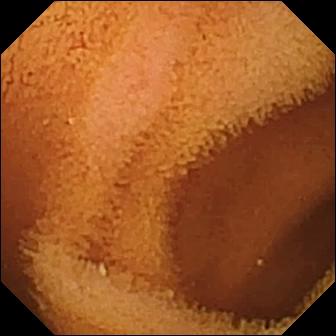Q: What does this wireless capsule endoscopy view of the small bowel show?
A: Normal clean mucosa.